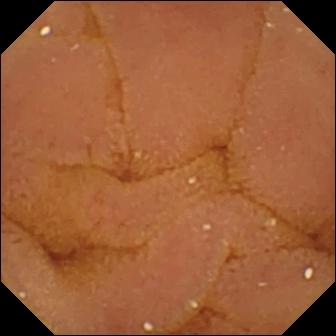Wireless capsule endoscopy image, small intestine
Finding: normal clean mucosa